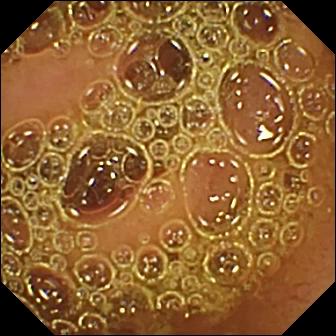Video capsule endoscopy frame
Finding: normal clean mucosa